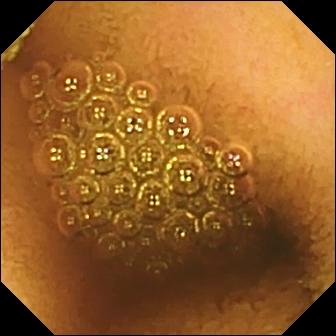Wireless capsule endoscopy snapshot of the small bowel showing reduced mucosal view (content or bubbles obscuring the mucosa).